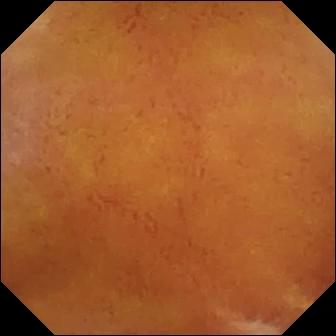Video capsule endoscopy — normal clean mucosa.